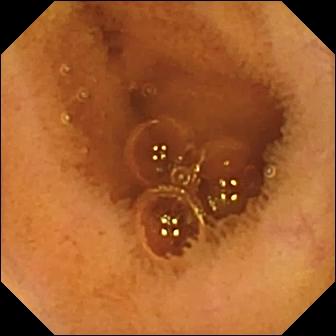Small-bowel capsule endoscopy frame, small bowel
Impression: normal clean mucosa